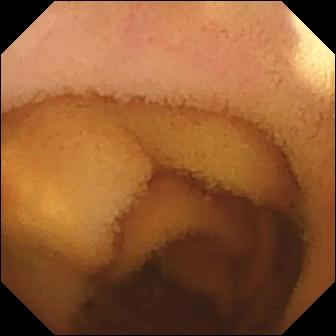PROCEDURE: Video capsule endoscopy.
SEGMENT: Small intestine.
FINDINGS: Normal clean mucosa.